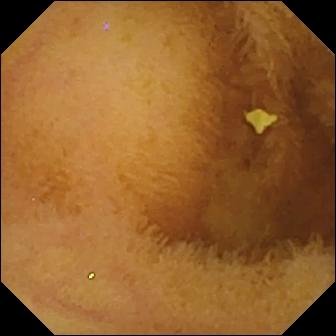Video capsule endoscopy frame (small bowel). Normal clean mucosa.